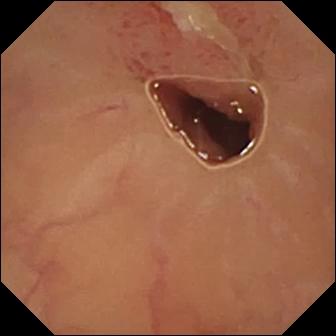modality: capsule endoscopy | category: luminal finding | observation: ulcer